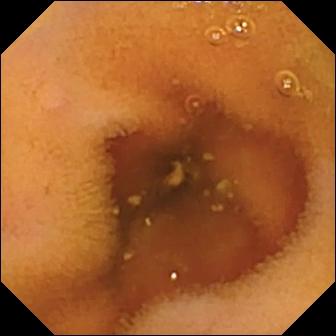Q: What does this video capsule endoscopy frame of the small intestine show?
A: Normal clean mucosa.